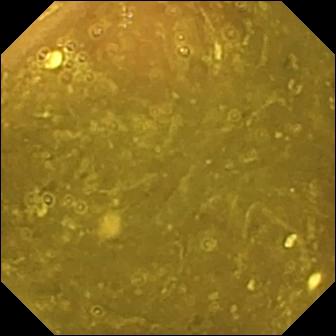Ileo-cecal valve region (the transition from the small bowel to the large bowel) — small-bowel capsule endoscopy frame.